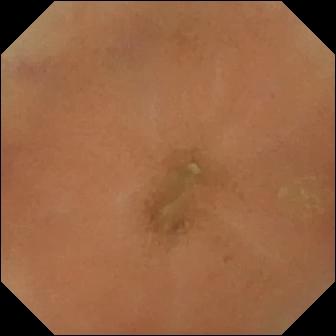Normal clean mucosa.